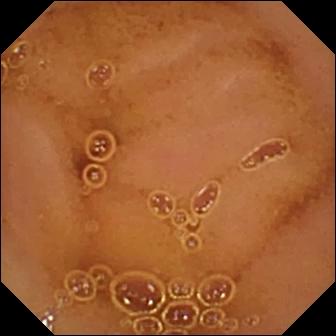Normal clean mucosa.